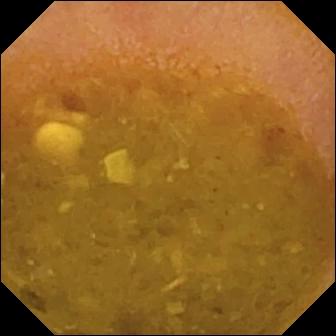This video capsule endoscopy view shows reduced mucosal view (content or bubbles obscuring the mucosa).